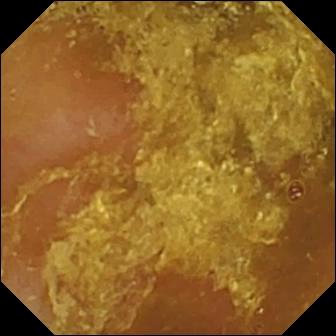Small-bowel capsule endoscopy. Label: reduced mucosal view (content or bubbles obscuring the mucosa).